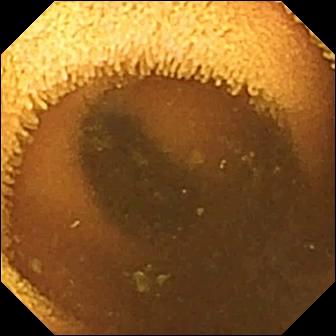modality: small-bowel capsule endoscopy
segment: small bowel
impression: normal clean mucosa